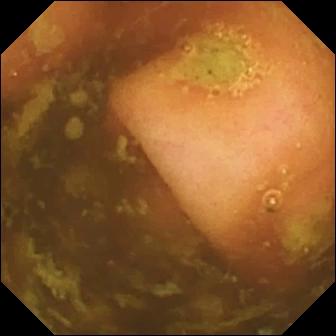- modality: VCE
- video segment: ileo-cecal valve region